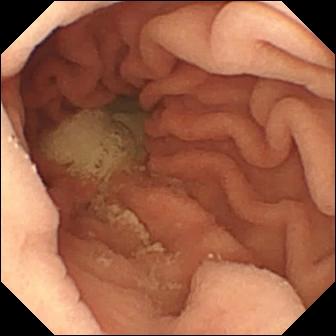This video capsule endoscopy frame was taken in the pylorus region.